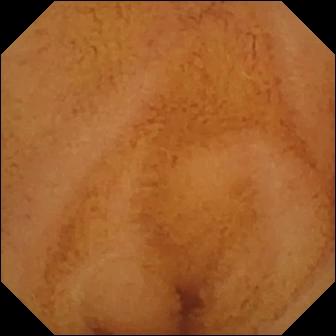{"modality": "video capsule endoscopy", "finding": "normal clean mucosa"}